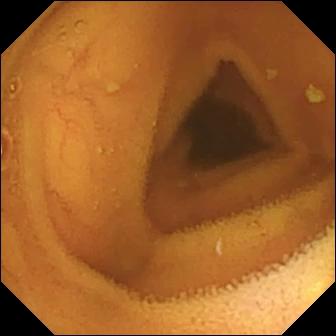Wireless capsule endoscopy. Label: normal clean mucosa.